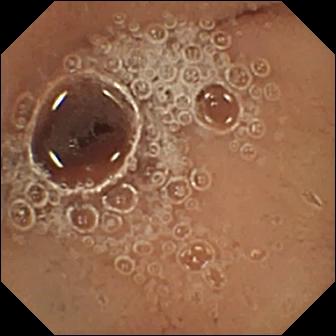Video capsule endoscopy still. Taken in the pylorus region (where the capsule passes from the stomach into the small bowel).